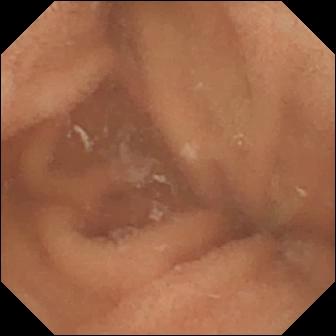WCE snapshot of the small intestine showing normal clean mucosa.